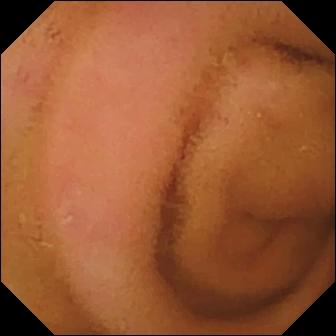{"modality": "capsule endoscopy", "finding": "normal clean mucosa"}